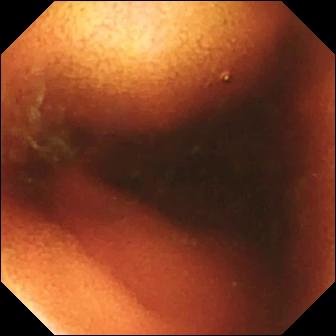Small-bowel capsule endoscopy image
Position: ileo-cecal valve region (the transition from the small bowel to the large bowel)